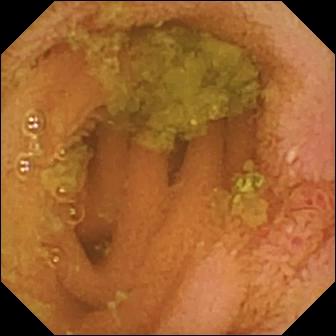Wireless capsule endoscopy — normal clean mucosa.